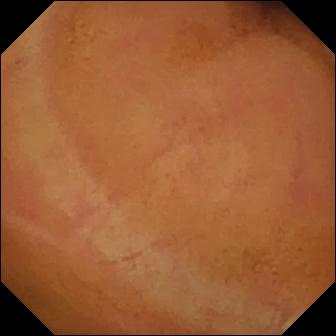{"modality": "VCE", "segment": "small bowel", "category": "luminal finding", "finding": "normal clean mucosa"}